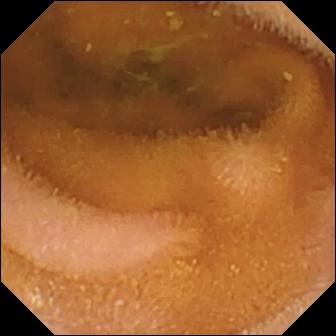WCE. Label: normal clean mucosa.